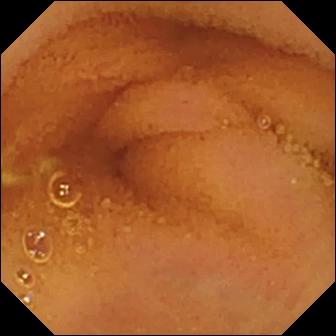Normal clean mucosa — small-bowel capsule endoscopy snapshot.